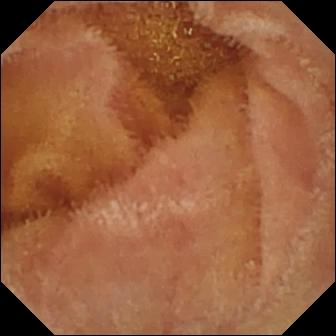- modality: small-bowel capsule endoscopy
- observation: normal clean mucosa